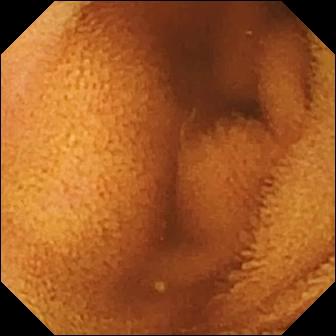VCE. Finding: normal clean mucosa.